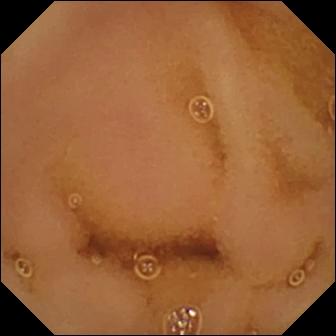Small-bowel capsule endoscopy snapshot. Normal clean mucosa.